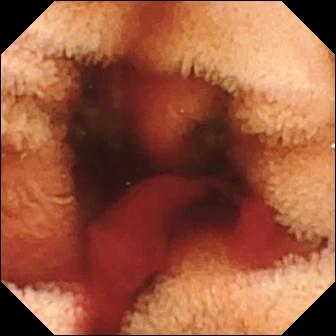Fresh blood in the lumen.